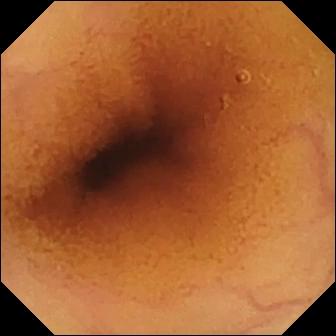WCE — normal clean mucosa.